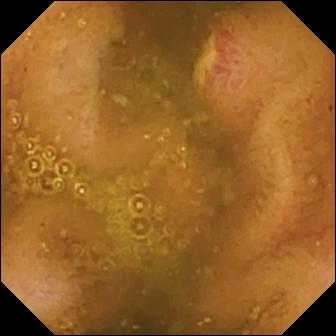- modality: WCE
- finding: ulcer